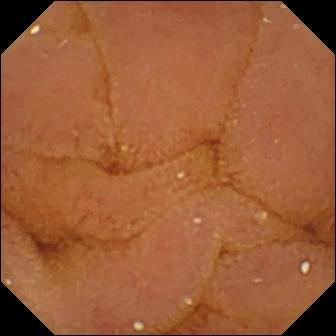Q: What does this wireless capsule endoscopy image of the small intestine show?
A: Normal clean mucosa.